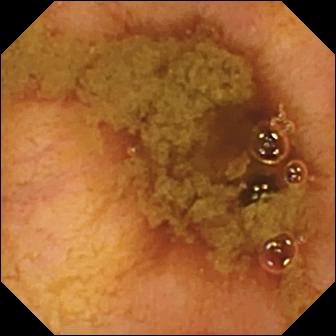Small-bowel capsule endoscopy snapshot taken in the ileo-cecal valve region (the transition from the small bowel to the large bowel).